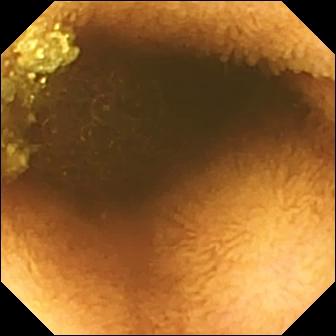This small-bowel capsule endoscopy still shows reduced mucosal view (content or bubbles obscuring the mucosa).